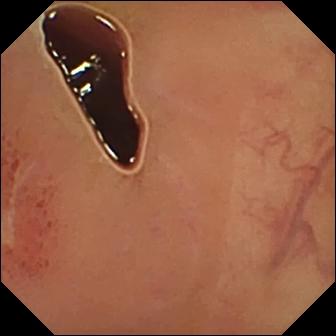modality: VCE | category: luminal finding | finding: ulcer